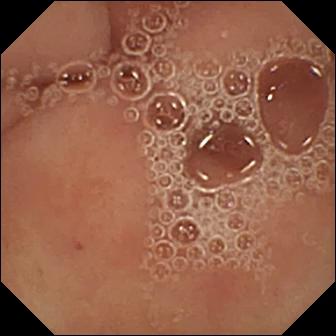- modality: small-bowel capsule endoscopy
- label: pylorus region (where the capsule passes from the stomach into the small bowel)